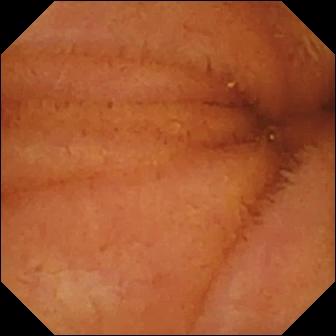Small-bowel capsule endoscopy. Small bowel. Finding: normal clean mucosa.